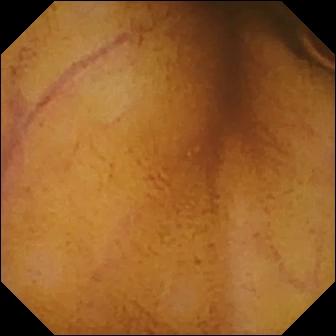VCE. Small bowel. Finding: normal clean mucosa.